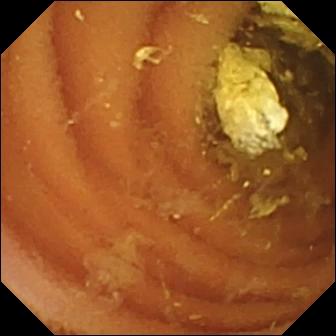Normal clean mucosa (336×336).